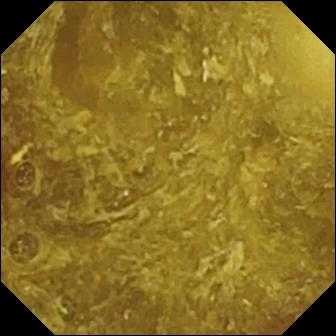Q: What does this wireless capsule endoscopy frame of the small intestine show?
A: Reduced mucosal view (content or bubbles obscuring the mucosa).